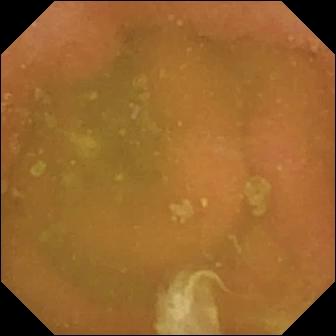Wireless capsule endoscopy snapshot. Normal clean mucosa.